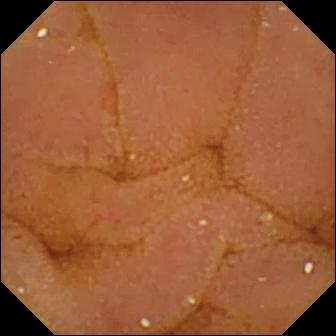Video capsule endoscopy snapshot (small intestine). Normal clean mucosa.